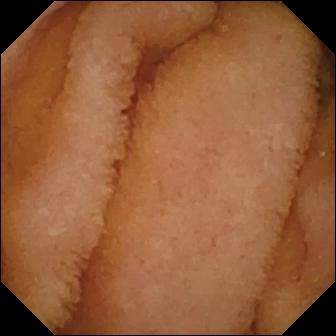Q: What does this WCE snapshot of the small bowel show?
A: Normal clean mucosa.